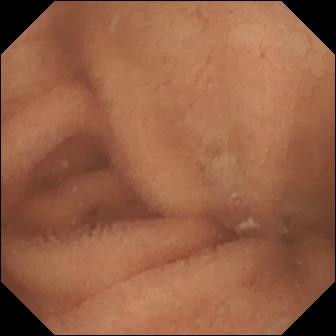Normal clean mucosa.